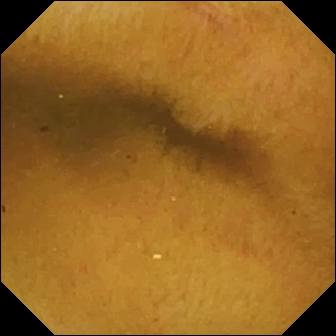This VCE view of the small bowel shows normal clean mucosa.